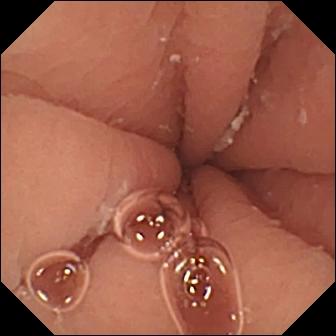WCE. Near an anatomical landmark. Position: pylorus region.